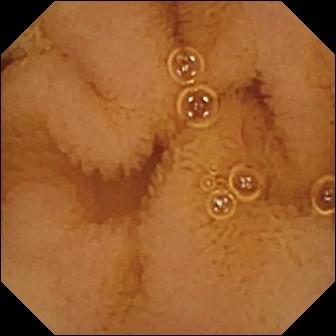Capsule endoscopy view
Finding: normal clean mucosa